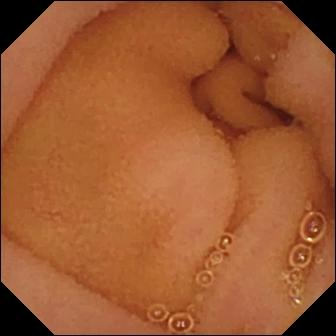VCE frame, 336×336. Normal clean mucosa.